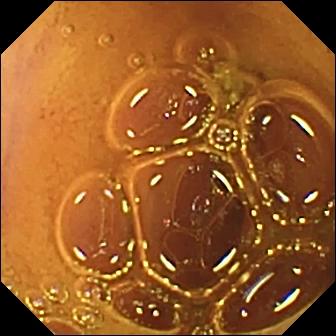Video capsule endoscopy — normal clean mucosa.